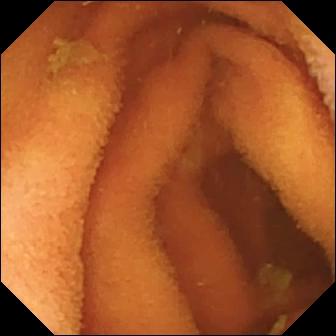VCE image, small intestine
Label: normal clean mucosa